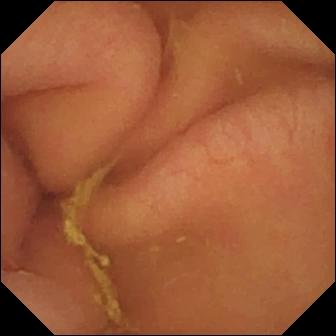WCE. Video segment: pylorus region (where the capsule passes from the stomach into the small bowel).